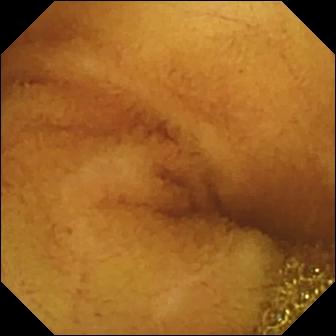- modality: video capsule endoscopy
- segment: small bowel
- observation: normal clean mucosa